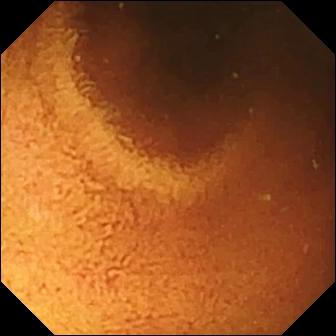PROCEDURE: VCE.
SEGMENT: Small bowel.
FINDINGS: Normal clean mucosa.